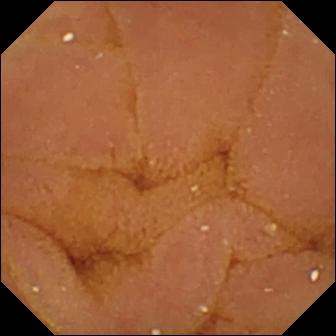Video capsule endoscopy. Small bowel. Luminal finding. Observation: normal clean mucosa.